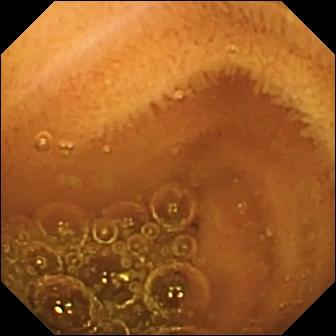Video capsule endoscopy frame showing normal clean mucosa.